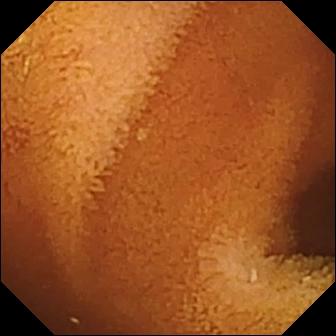Normal clean mucosa (336×336).